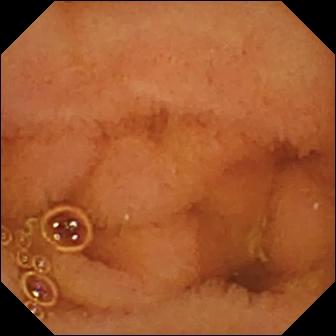Normal clean mucosa — wireless capsule endoscopy frame.